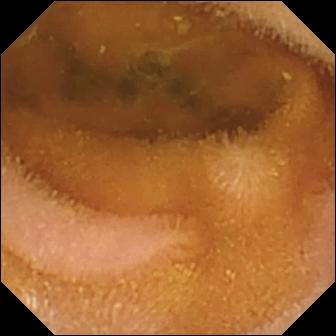Small-bowel capsule endoscopy — normal clean mucosa.